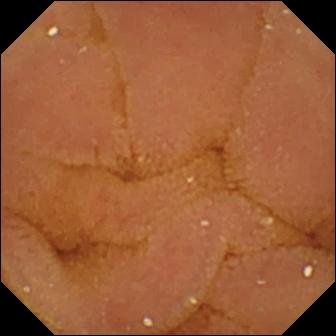PROCEDURE: VCE.
FINDINGS: Normal clean mucosa.